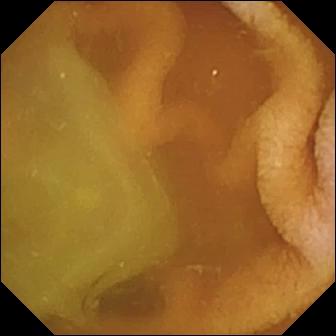modality: wireless capsule endoscopy
observation: normal clean mucosa